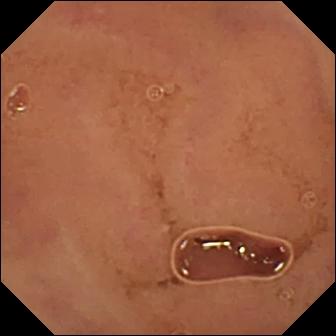WCE frame showing normal clean mucosa.